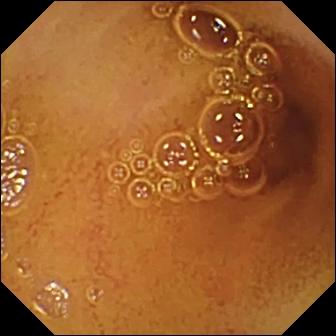Wireless capsule endoscopy view showing normal clean mucosa.